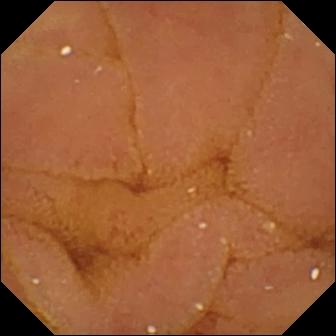Small-bowel capsule endoscopy frame (small bowel). Normal clean mucosa.